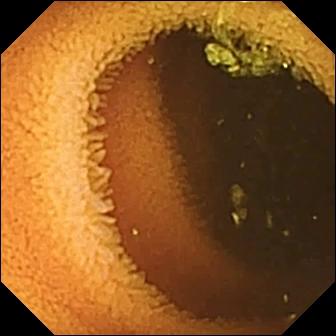Normal clean mucosa — small-bowel capsule endoscopy image.